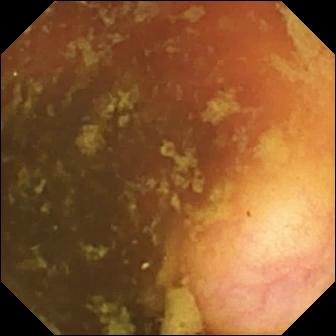VCE view
Location: ileo-cecal valve region (the transition from the small bowel to the large bowel)